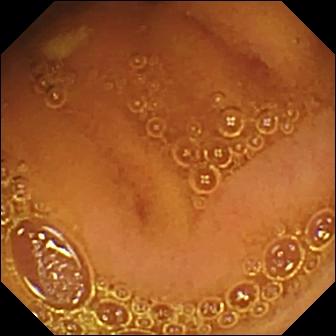- modality: wireless capsule endoscopy
- category: luminal finding
- observation: normal clean mucosa